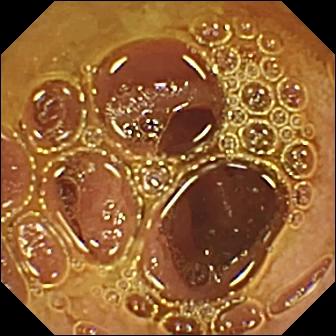{"modality": "wireless capsule endoscopy", "finding": "normal clean mucosa"}